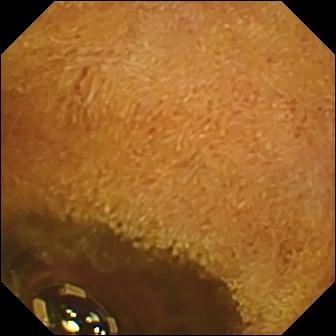- modality: wireless capsule endoscopy
- impression: foreign body (e.g. retained capsule, tablet residue)